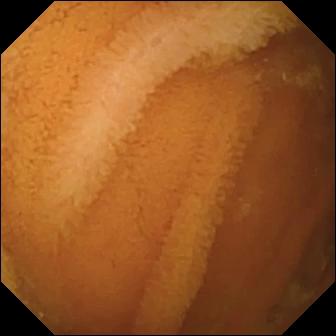Video capsule endoscopy. Small intestine. Label: normal clean mucosa.